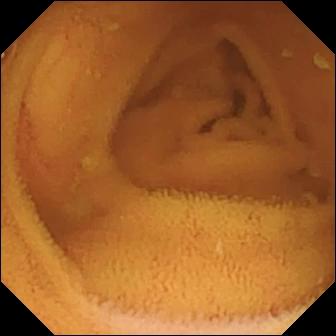modality: WCE; segment: small intestine; observation: normal clean mucosa